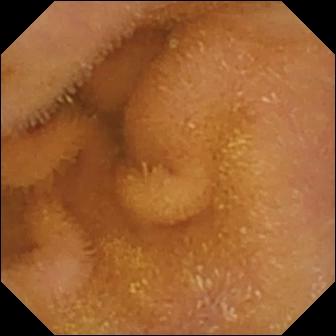Small-bowel capsule endoscopy frame showing normal clean mucosa.